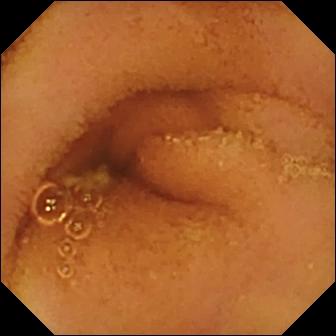Q: What does this wireless capsule endoscopy image show?
A: Normal clean mucosa.